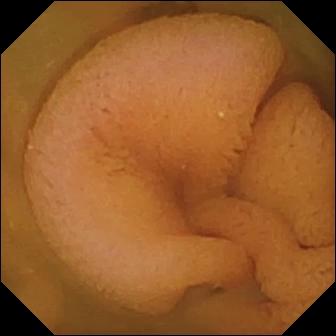Normal clean mucosa — small-bowel capsule endoscopy frame of the small intestine.